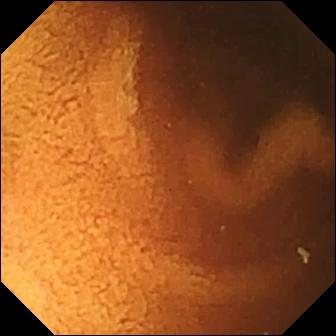VCE — normal clean mucosa.